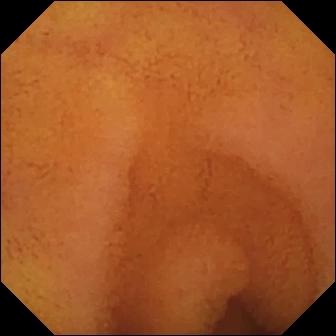Q: What does this VCE still show?
A: Normal clean mucosa.